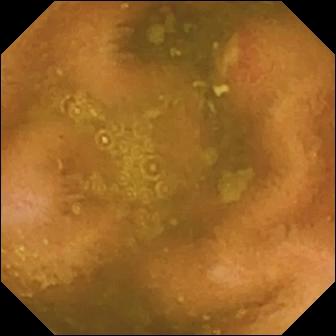PROCEDURE: Video capsule endoscopy.
FINDINGS: Ulcer.